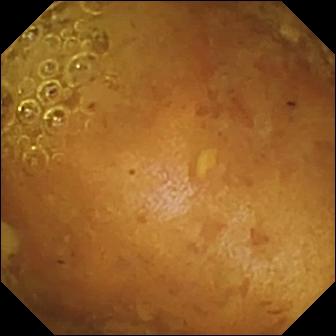modality: capsule endoscopy
segment: small bowel
category: luminal finding
label: reduced mucosal view (content or bubbles obscuring the mucosa)